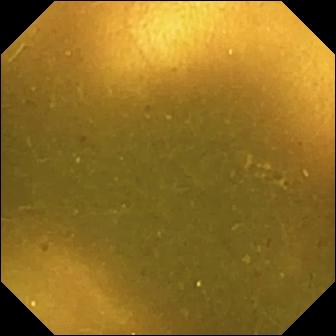PROCEDURE: Small-bowel capsule endoscopy.
LABEL: Ileo-cecal valve region (where the capsule passes from the small bowel into the large bowel).